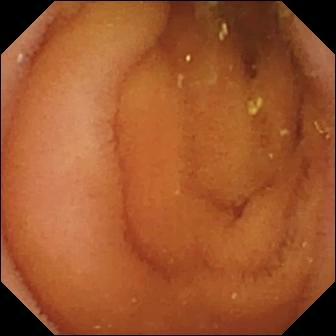PROCEDURE: WCE.
FINDINGS: Normal clean mucosa.